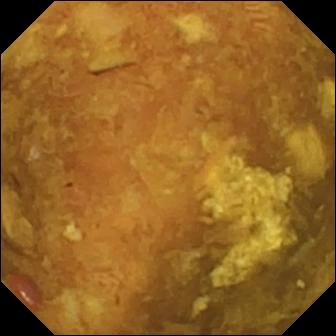Reduced mucosal view (content or bubbles obscuring the mucosa).